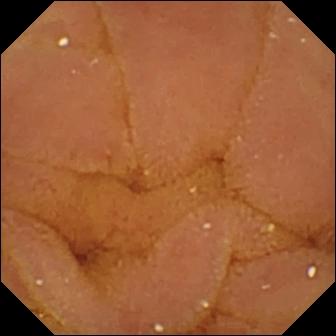Q: What does this capsule endoscopy still of the small intestine show?
A: Normal clean mucosa.